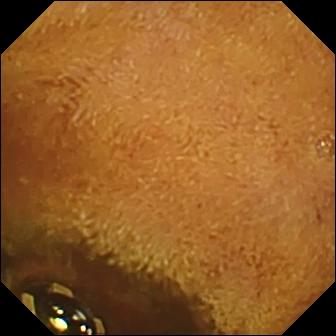Foreign body (e.g. retained capsule, tablet residue).